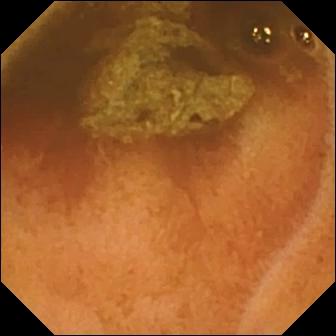WCE. Small bowel. Impression: normal clean mucosa.